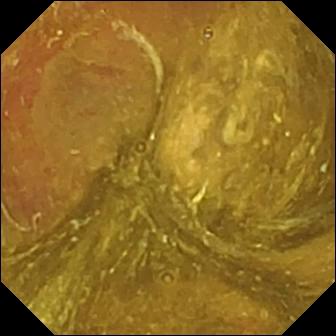Ileo-cecal valve region.